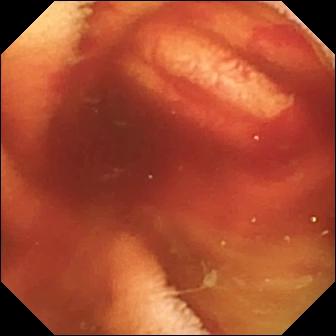Capsule endoscopy frame, 336×336. Fresh blood in the lumen.